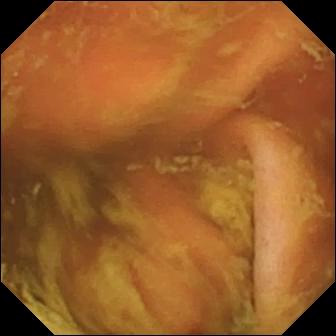Ileo-cecal valve region — capsule endoscopy frame.